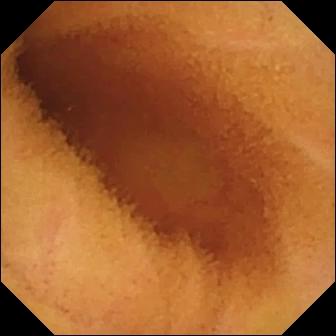This WCE still shows normal clean mucosa.